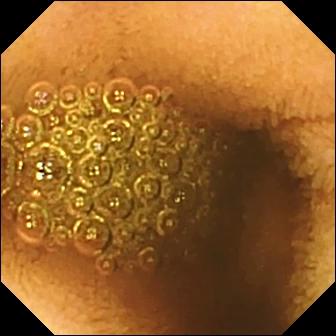Capsule endoscopy. Small bowel. Luminal finding. Impression: reduced mucosal view (content or bubbles obscuring the mucosa).